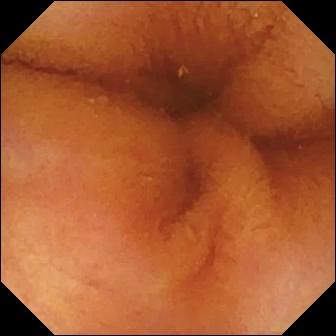This small-bowel capsule endoscopy frame shows normal clean mucosa.